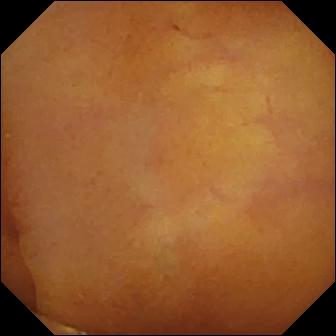Normal clean mucosa — VCE frame.